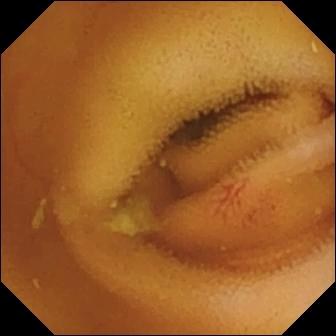Video capsule endoscopy. Label: angiectasia.